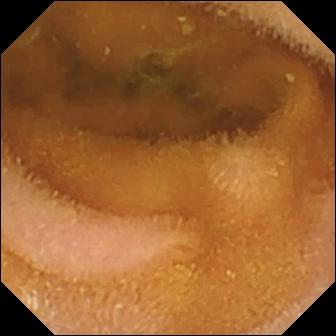Q: What does this wireless capsule endoscopy view show?
A: Normal clean mucosa.